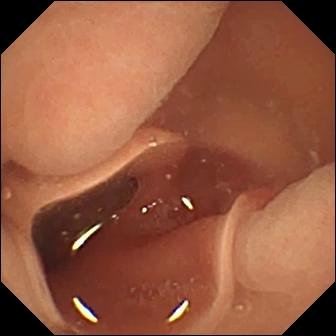Normal clean mucosa — VCE view.